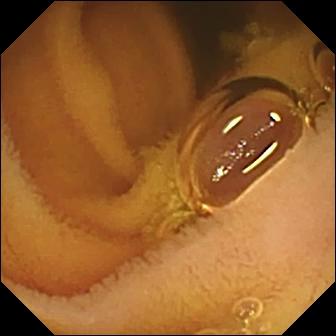VCE still
Label: normal clean mucosa